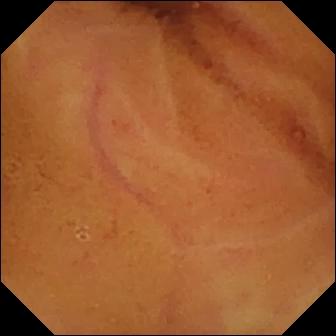PROCEDURE: Wireless capsule endoscopy.
FINDINGS: Normal clean mucosa.